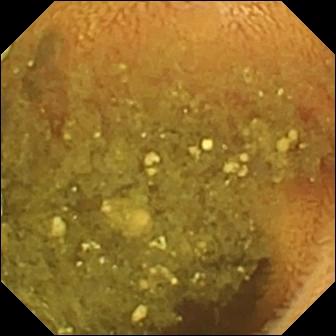Reduced mucosal view (content or bubbles obscuring the mucosa) (336×336).